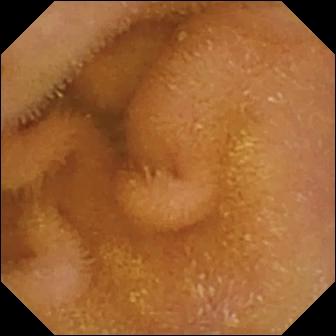Normal clean mucosa — WCE view of the small bowel.